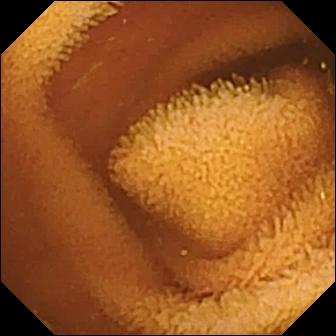- modality: wireless capsule endoscopy
- segment: small intestine
- impression: normal clean mucosa